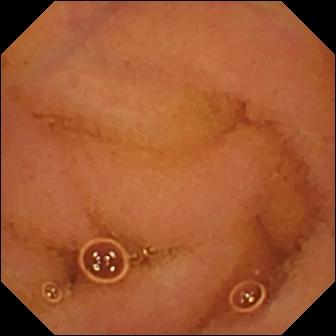modality: video capsule endoscopy | category: luminal finding | observation: normal clean mucosa